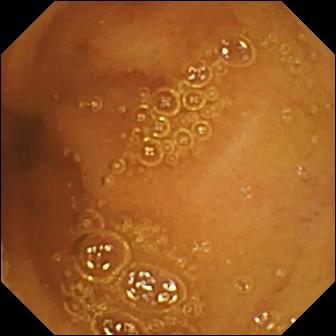Normal clean mucosa — small-bowel capsule endoscopy frame of the small intestine.